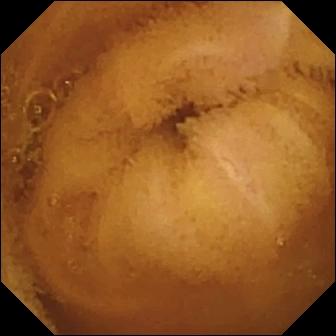WCE — normal clean mucosa.